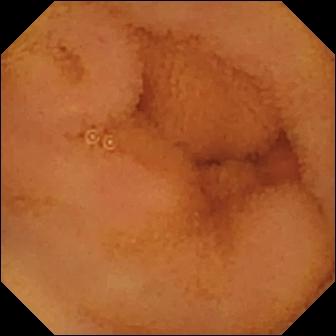Small-bowel capsule endoscopy image. Normal clean mucosa.